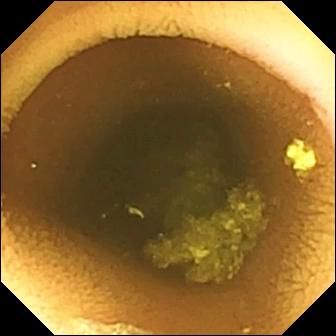- modality: capsule endoscopy
- segment: small bowel
- category: luminal finding
- label: normal clean mucosa